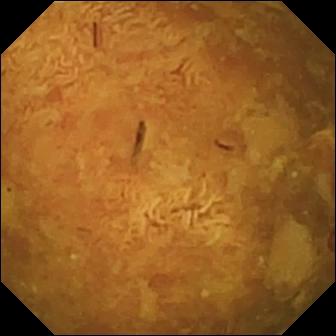Reduced mucosal view (content or bubbles obscuring the mucosa) — VCE image.